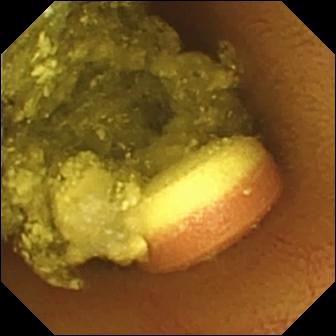modality: capsule endoscopy
label: foreign body (e.g. retained capsule, tablet residue)